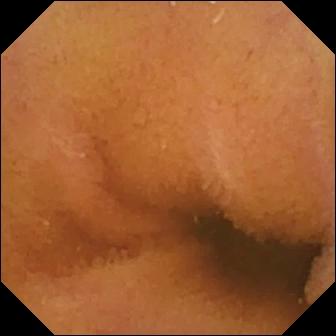VCE — normal clean mucosa.